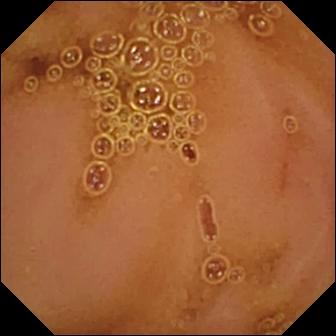Video capsule endoscopy — normal clean mucosa.